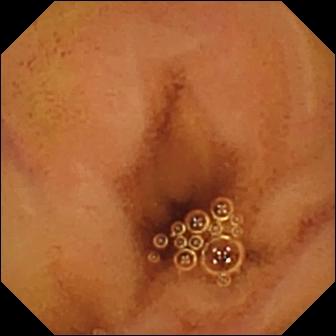PROCEDURE: Wireless capsule endoscopy.
FINDINGS: Normal clean mucosa.